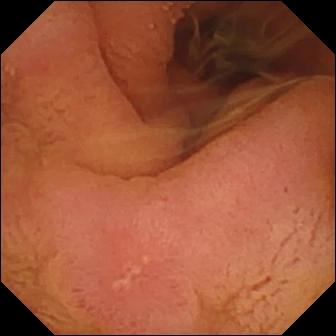Video capsule endoscopy. Position: pylorus region (where the capsule passes from the stomach into the small bowel).